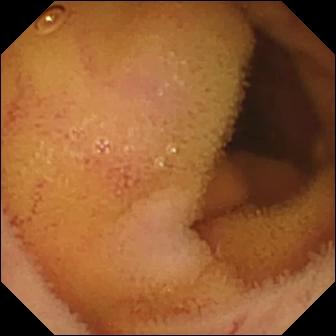{"modality": "capsule endoscopy", "finding": "normal clean mucosa"}